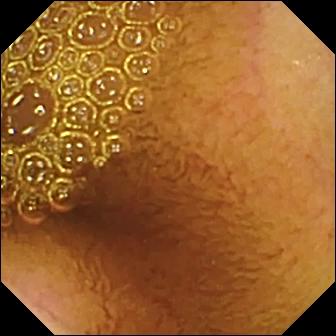{"modality": "VCE", "finding": "normal clean mucosa"}